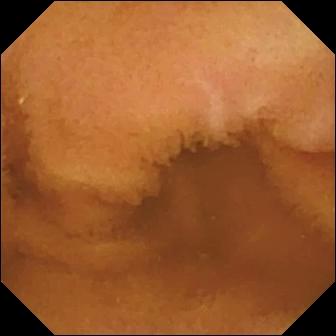modality: WCE
segment: small bowel
observation: normal clean mucosa